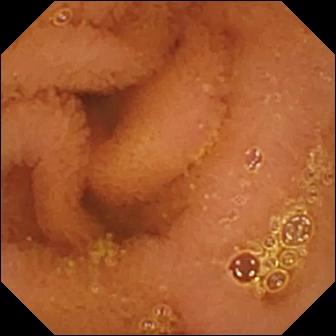Normal clean mucosa.